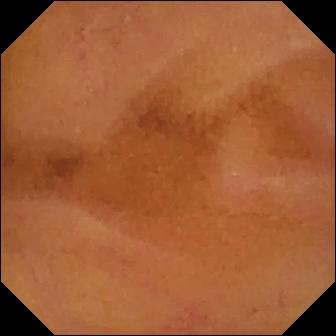modality: capsule endoscopy; observation: normal clean mucosa